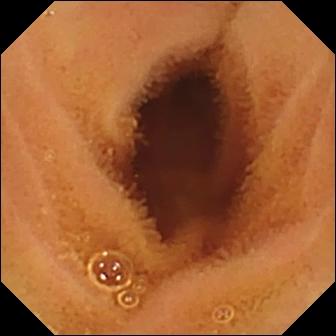Normal clean mucosa (336×336).